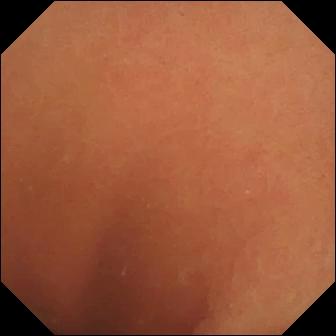{"modality": "wireless capsule endoscopy", "finding": "normal clean mucosa"}